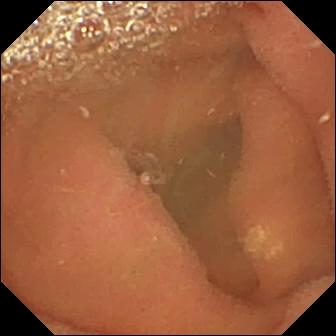PROCEDURE: Capsule endoscopy.
FINDINGS: Lymphangiectasia.